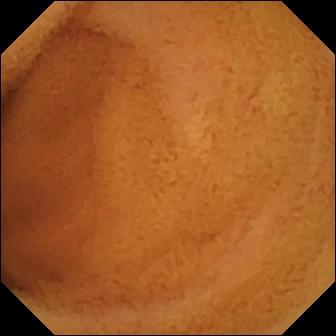Q: What does this capsule endoscopy view show?
A: Normal clean mucosa.